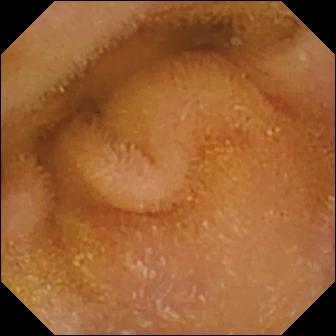modality: video capsule endoscopy | impression: normal clean mucosa